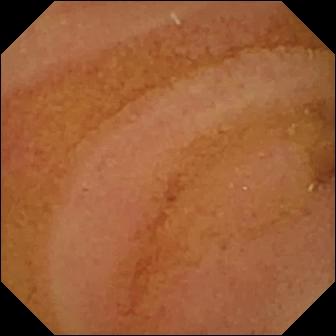- modality: VCE
- segment: small bowel
- label: normal clean mucosa